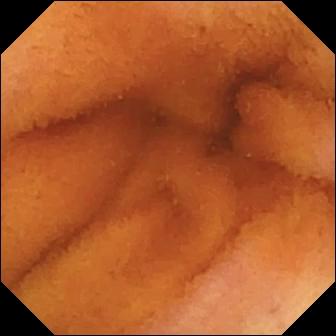Normal clean mucosa — small-bowel capsule endoscopy image of the small bowel.